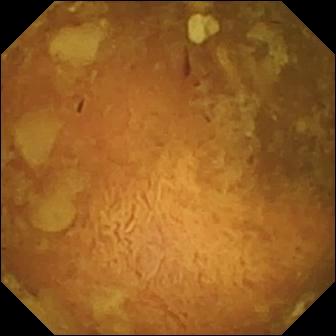- modality: capsule endoscopy
- segment: small intestine
- finding: reduced mucosal view (content or bubbles obscuring the mucosa)